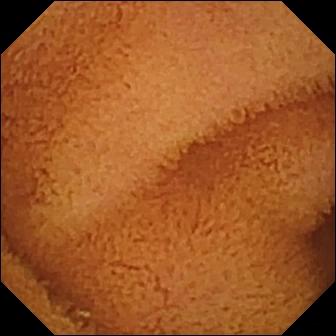VCE — normal clean mucosa.